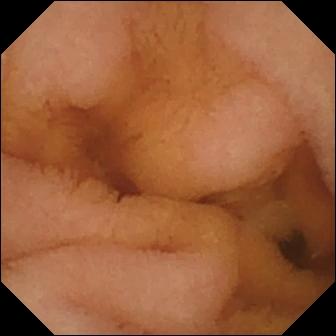WCE image, small intestine
Impression: normal clean mucosa